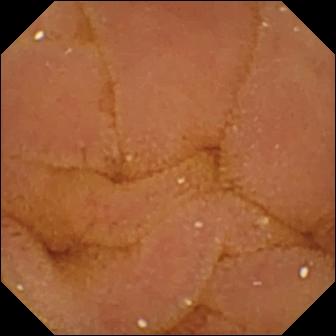Wireless capsule endoscopy frame of the small bowel showing normal clean mucosa.